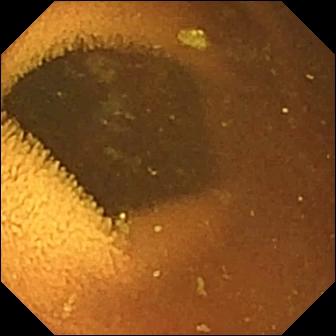This VCE image shows normal clean mucosa.